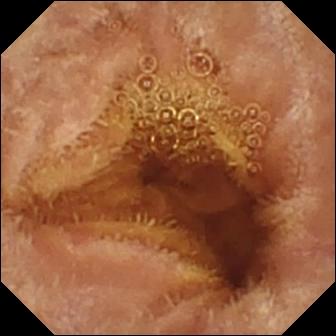Q: What does this VCE snapshot show?
A: Normal clean mucosa.